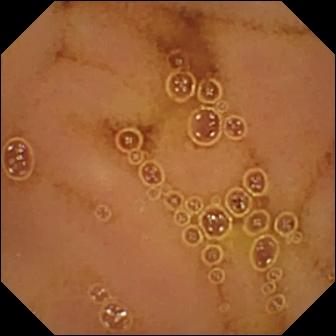This video capsule endoscopy image of the small bowel shows normal clean mucosa.